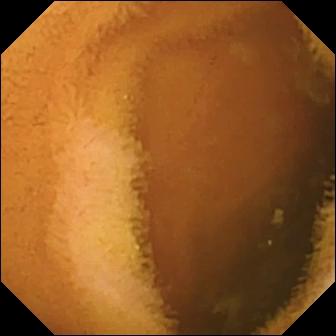This small-bowel capsule endoscopy image of the small bowel shows normal clean mucosa.